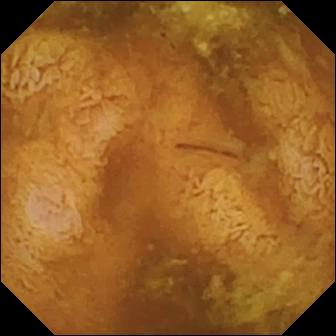This VCE view of the small intestine shows reduced mucosal view (content or bubbles obscuring the mucosa).